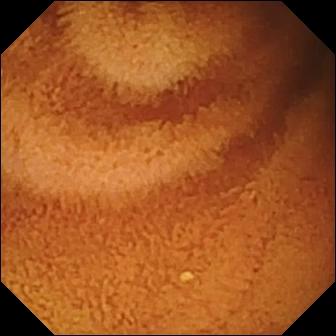PROCEDURE: Wireless capsule endoscopy.
FINDINGS: Normal clean mucosa.